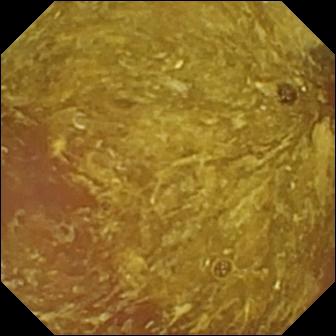Capsule endoscopy image
Impression: reduced mucosal view (content or bubbles obscuring the mucosa)